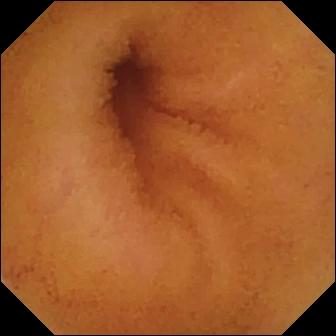VCE — normal clean mucosa.